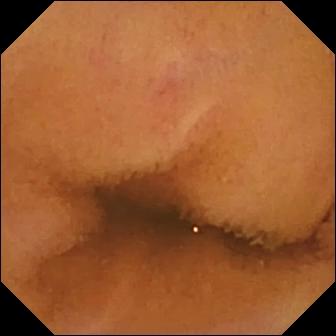This video capsule endoscopy snapshot shows normal clean mucosa.